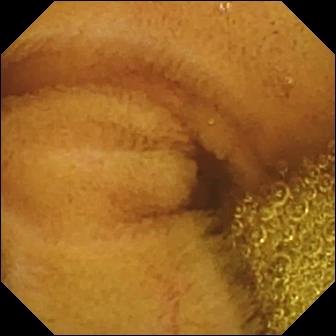Video capsule endoscopy frame
Impression: normal clean mucosa